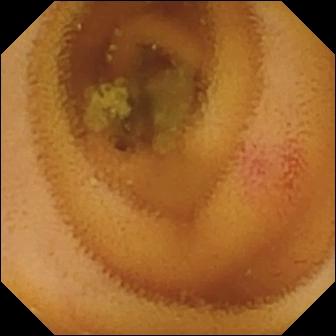Capsule endoscopy snapshot, 336×336. Angiectasia.